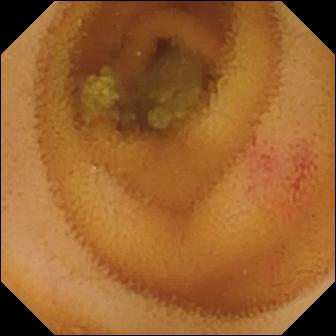Video capsule endoscopy image showing angiectasia.